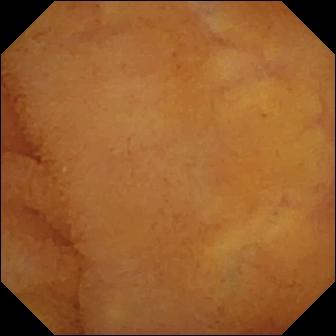Wireless capsule endoscopy still of the small bowel showing normal clean mucosa.